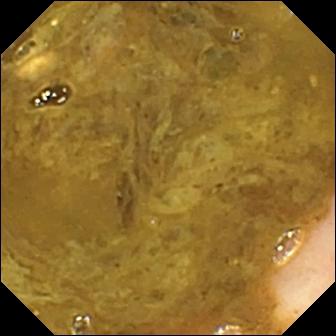WCE frame. Taken in the ileo-cecal valve region (where the capsule passes from the small bowel into the large bowel).